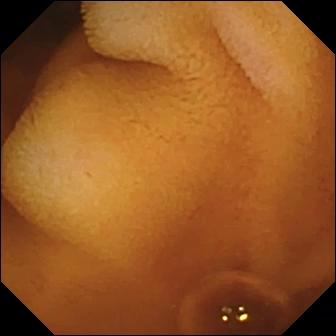This wireless capsule endoscopy image of the small intestine shows normal clean mucosa.